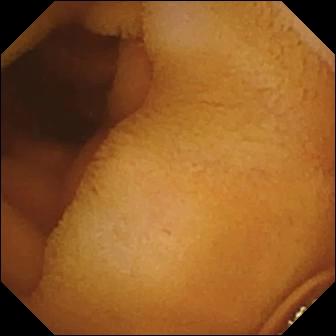Q: What does this video capsule endoscopy view show?
A: Normal clean mucosa.